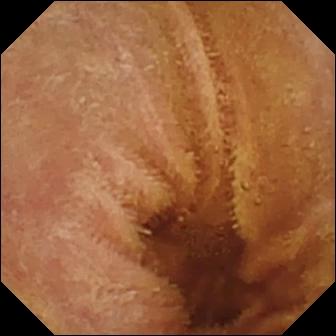WCE frame of the small bowel showing normal clean mucosa.